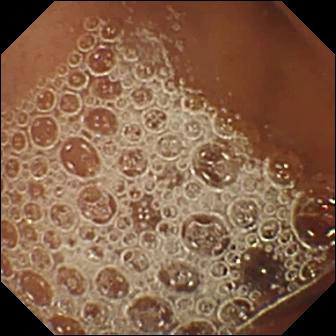WCE. Observation: normal clean mucosa.